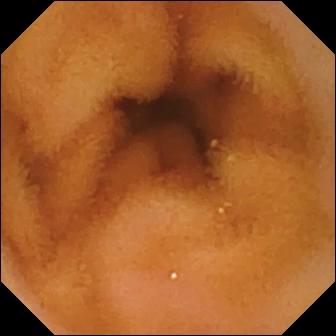{"modality": "small-bowel capsule endoscopy", "segment": "small intestine", "category": "luminal finding", "finding": "normal clean mucosa"}